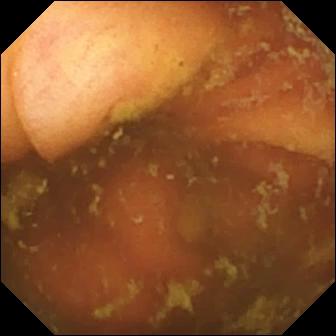{"modality": "video capsule endoscopy", "label": "ileo-cecal valve region"}